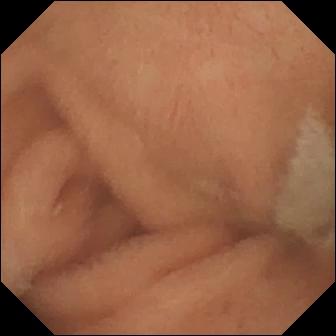Normal clean mucosa — small-bowel capsule endoscopy image.